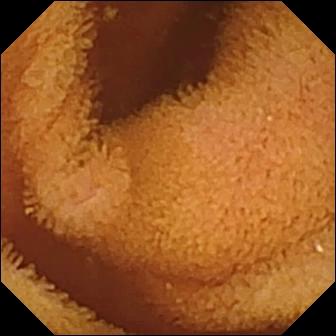Normal clean mucosa.